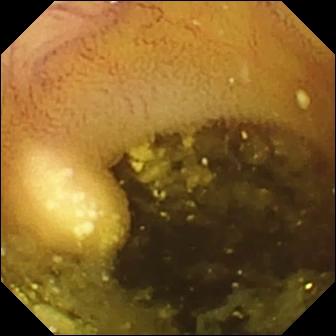Capsule endoscopy still
Label: lymphangiectasia